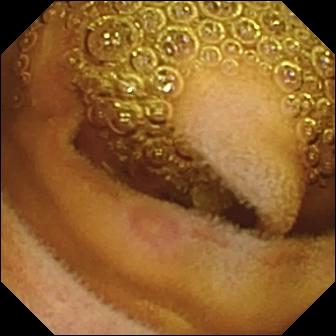Small-bowel capsule endoscopy still
Impression: erosion